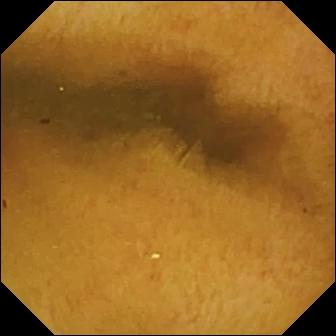Wireless capsule endoscopy still
Label: normal clean mucosa